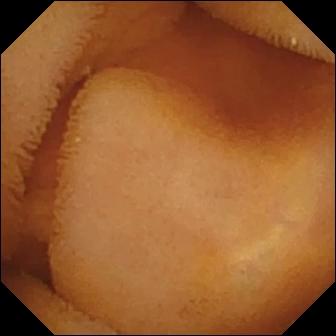Capsule endoscopy frame (small intestine). Normal clean mucosa.